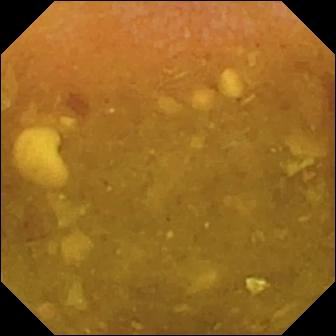Video capsule endoscopy image
Label: reduced mucosal view (content or bubbles obscuring the mucosa)